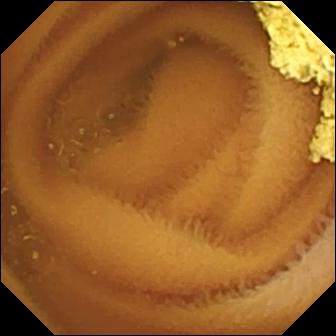WCE frame of the small intestine showing normal clean mucosa.